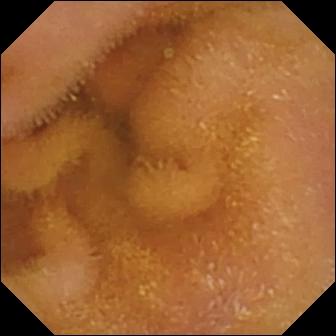Capsule endoscopy. Small intestine. Observation: normal clean mucosa.